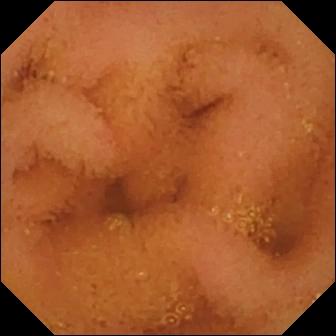- modality: VCE
- segment: small bowel
- impression: normal clean mucosa